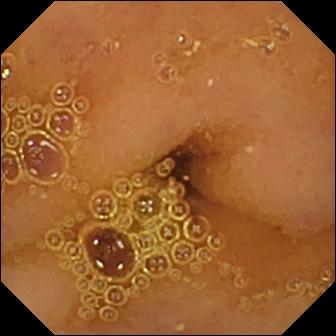Q: What does this video capsule endoscopy image of the small intestine show?
A: Normal clean mucosa.